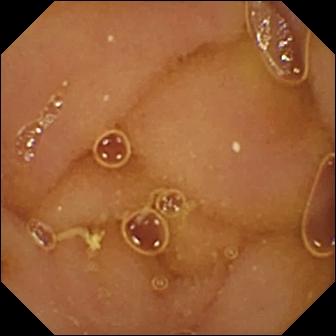Q: What does this VCE snapshot show?
A: Normal clean mucosa.